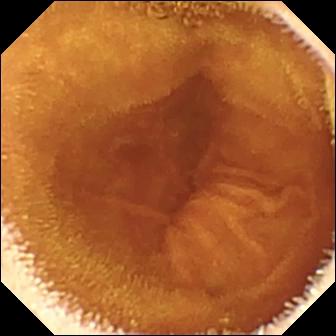Normal clean mucosa.